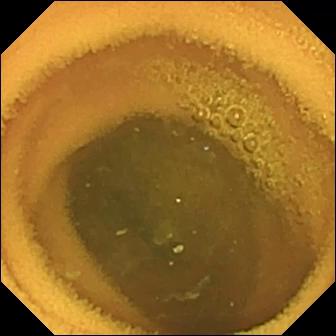VCE. Small intestine. Observation: normal clean mucosa.